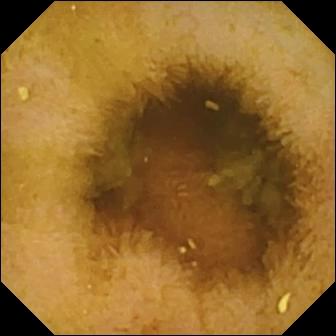VCE frame
Finding: normal clean mucosa